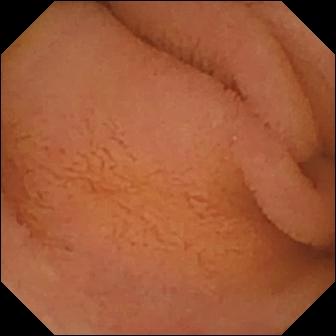WCE image, 336×336. Normal clean mucosa.